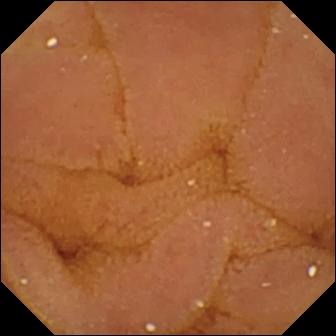Q: What does this wireless capsule endoscopy still of the small bowel show?
A: Normal clean mucosa.